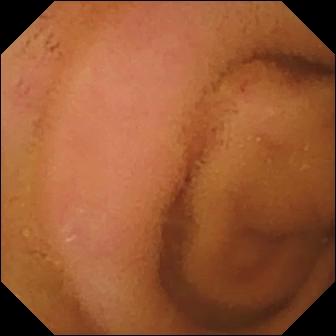Normal clean mucosa (336×336).